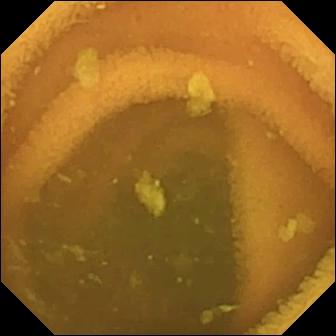PROCEDURE: Wireless capsule endoscopy.
SEGMENT: Small intestine.
FINDINGS: Normal clean mucosa.